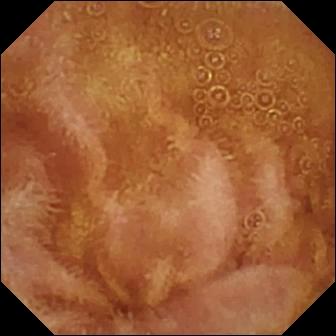Normal clean mucosa.